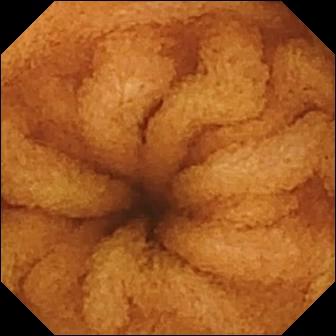VCE — normal clean mucosa.